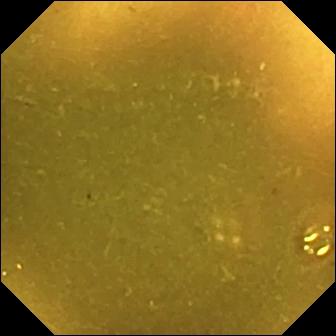PROCEDURE: WCE.
POSITION: Ileo-cecal valve region.